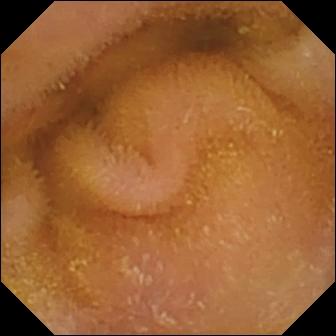WCE image, small intestine
Label: normal clean mucosa